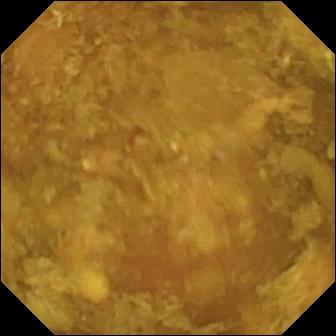VCE. Small bowel. Luminal finding. Label: reduced mucosal view (content or bubbles obscuring the mucosa).